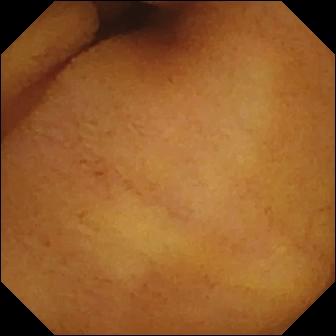Capsule endoscopy. Small intestine. Luminal finding. Label: normal clean mucosa.